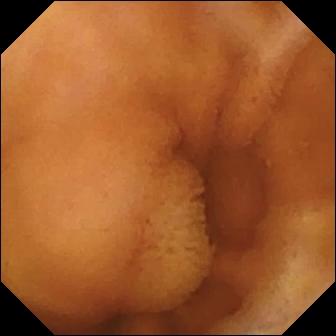{"modality": "video capsule endoscopy", "segment": "small bowel", "category": "luminal finding", "finding": "normal clean mucosa"}